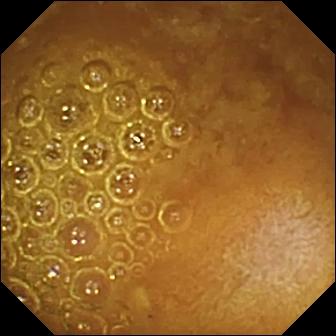Reduced mucosal view (content or bubbles obscuring the mucosa).